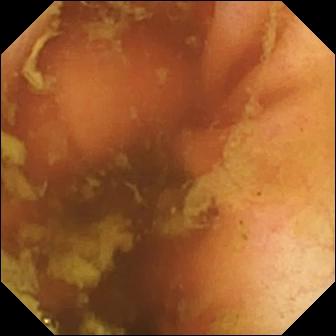WCE — ileo-cecal valve region.